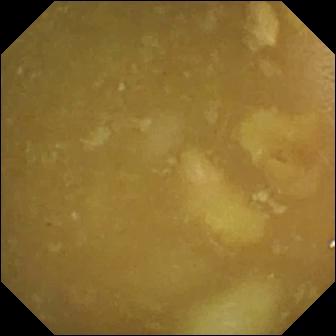Wireless capsule endoscopy still, 336×336. Taken in the ileo-cecal valve region (the transition from the small bowel to the large bowel).